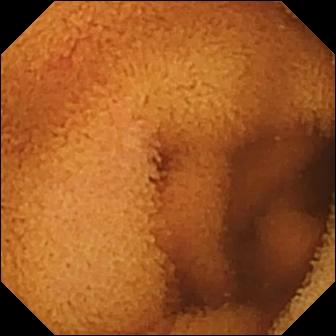Q: What does this WCE image of the small intestine show?
A: Normal clean mucosa.